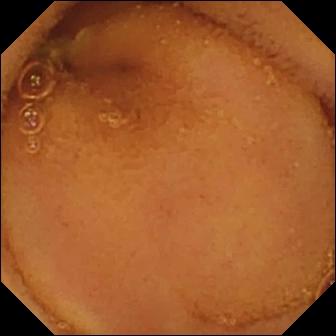{"modality": "small-bowel capsule endoscopy", "segment": "small intestine", "finding": "normal clean mucosa"}